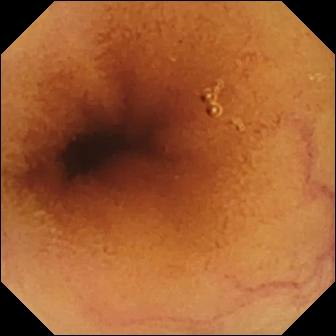Normal clean mucosa — wireless capsule endoscopy frame of the small bowel.